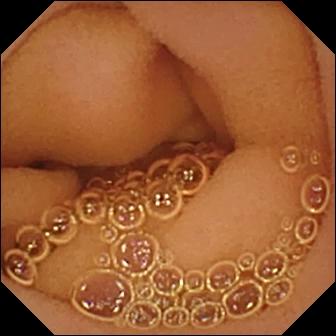Wireless capsule endoscopy. Small intestine. Impression: normal clean mucosa.